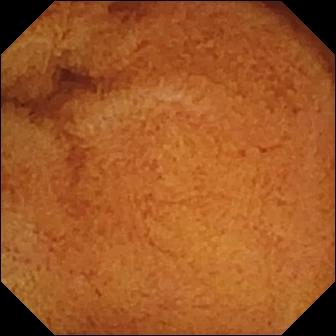modality: WCE | finding: normal clean mucosa